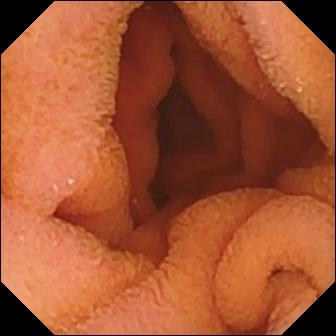Q: What does this wireless capsule endoscopy view show?
A: Normal clean mucosa.